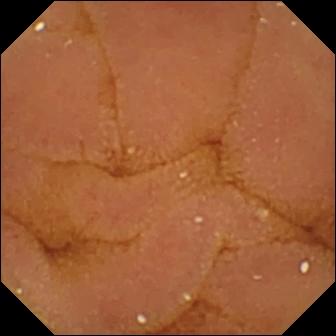Wireless capsule endoscopy. Luminal finding. Finding: normal clean mucosa.